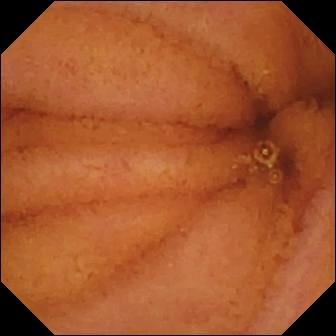Normal clean mucosa — WCE image of the small bowel.